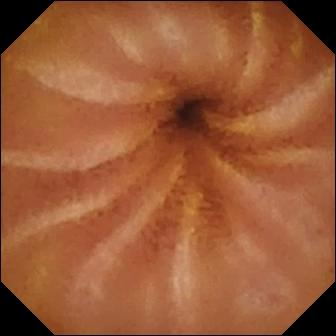Wireless capsule endoscopy. Finding: normal clean mucosa.